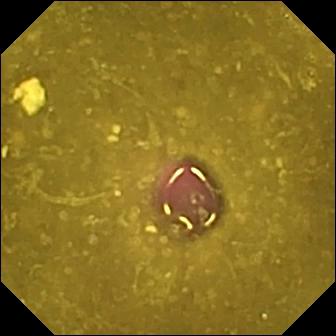Reduced mucosal view (content or bubbles obscuring the mucosa).